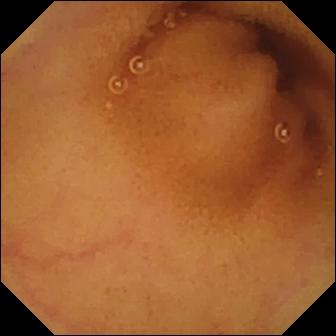PROCEDURE: Capsule endoscopy.
SEGMENT: Small intestine.
FINDINGS: Normal clean mucosa.